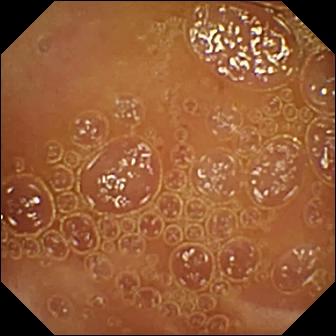- modality: VCE
- category: luminal finding
- label: normal clean mucosa